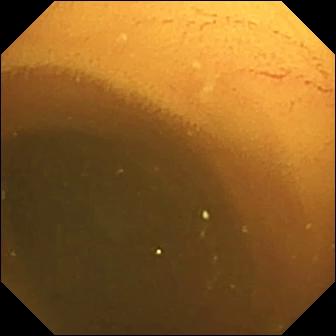{"modality": "small-bowel capsule endoscopy", "finding": "normal clean mucosa"}